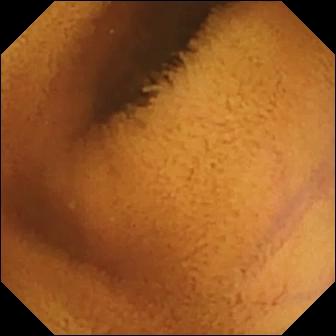Normal clean mucosa — small-bowel capsule endoscopy snapshot of the small bowel.